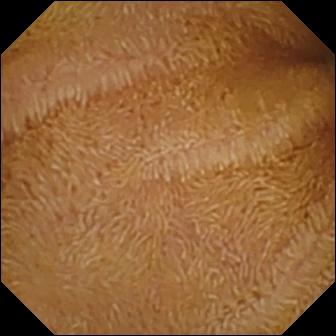Normal clean mucosa.